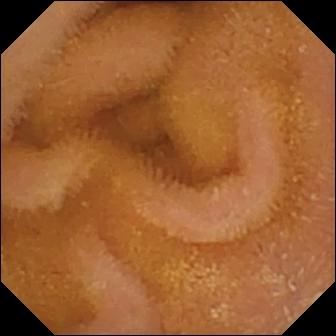This video capsule endoscopy frame shows normal clean mucosa.